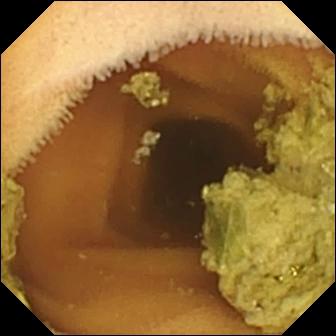- modality: video capsule endoscopy
- segment: small intestine
- impression: normal clean mucosa